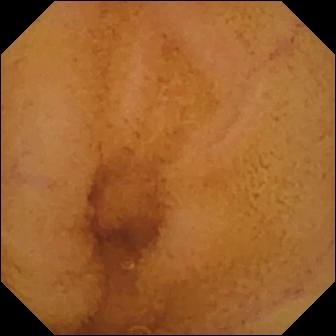Q: What does this small-bowel capsule endoscopy view show?
A: Normal clean mucosa.